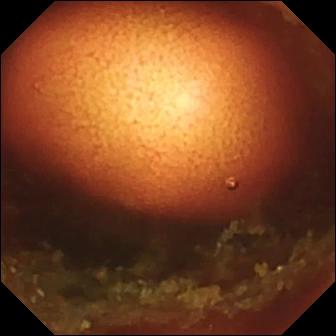Q: Where in the digestive tract was this VCE still taken?
A: Ileo-cecal valve region (the transition from the small bowel to the large bowel).